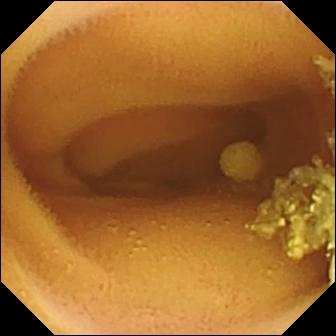This VCE image shows lymphangiectasia.